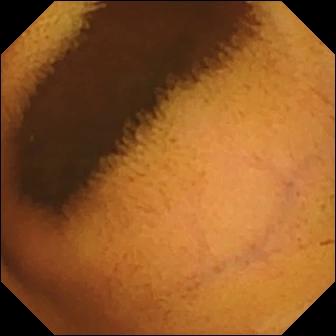Normal clean mucosa (336×336).